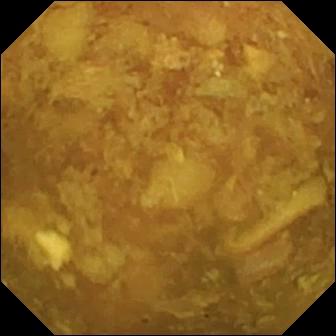Small-bowel capsule endoscopy. Small intestine. Luminal finding. Finding: reduced mucosal view (content or bubbles obscuring the mucosa).